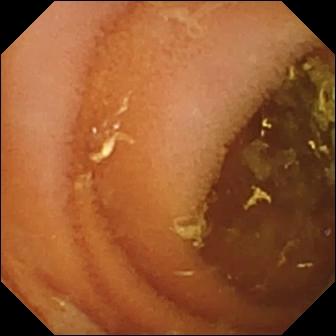{"modality": "WCE", "segment": "small bowel", "finding": "normal clean mucosa"}